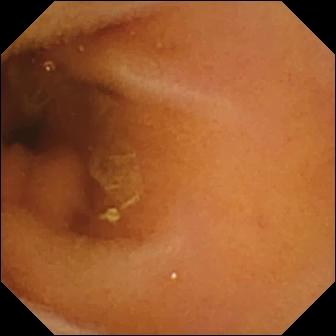modality: video capsule endoscopy; segment: small bowel; category: luminal finding; impression: normal clean mucosa